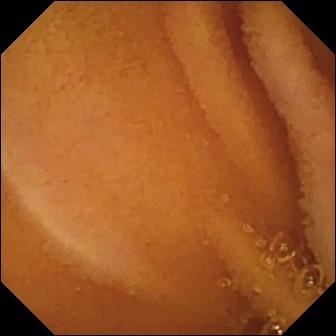- modality: VCE
- segment: small bowel
- observation: normal clean mucosa